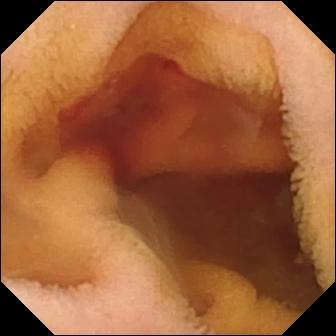Small-bowel capsule endoscopy view
Observation: fresh blood in the lumen